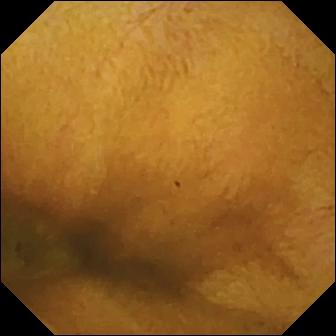Wireless capsule endoscopy — normal clean mucosa.